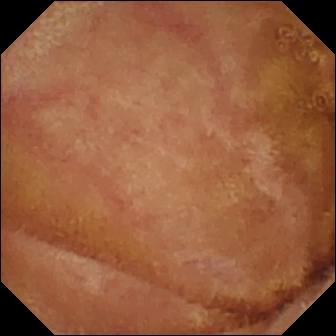Wireless capsule endoscopy frame of the small intestine showing normal clean mucosa.